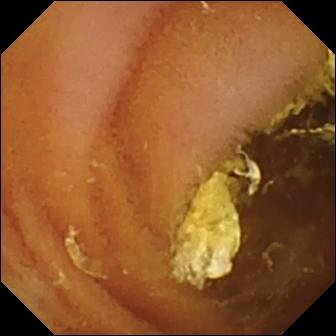Q: What does this small-bowel capsule endoscopy frame show?
A: Normal clean mucosa.